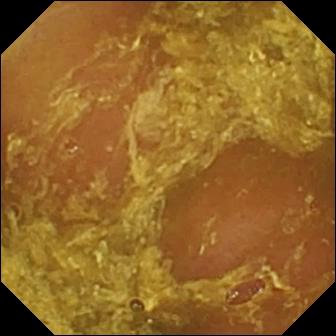Small-bowel capsule endoscopy image of the small intestine showing reduced mucosal view (content or bubbles obscuring the mucosa).